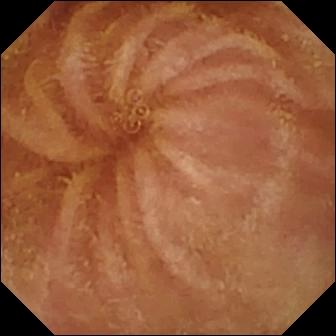PROCEDURE: VCE.
SEGMENT: Small bowel.
FINDINGS: Normal clean mucosa.